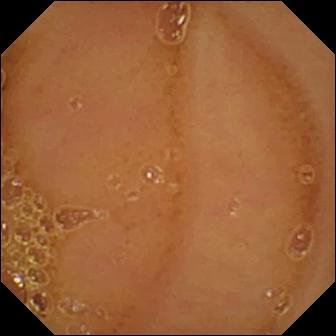PROCEDURE: WCE.
SEGMENT: Small bowel.
FINDINGS: Normal clean mucosa.